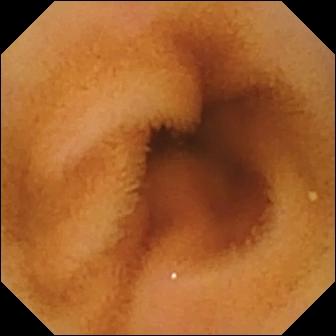PROCEDURE: VCE.
FINDINGS: Normal clean mucosa.